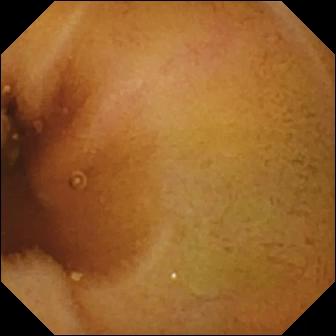- modality: WCE
- segment: small intestine
- category: luminal finding
- label: normal clean mucosa